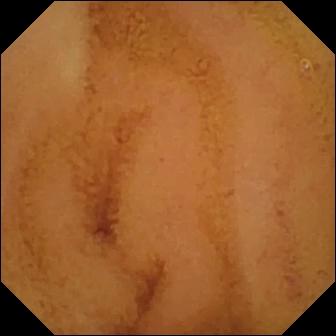Video capsule endoscopy snapshot showing normal clean mucosa.